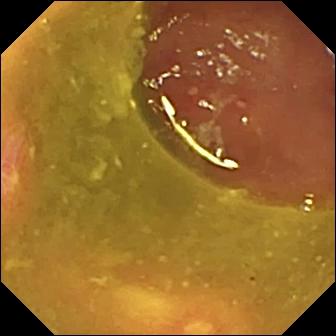- modality: video capsule endoscopy
- impression: ulcer